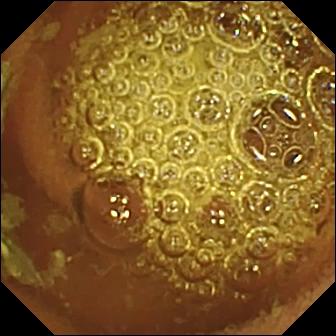VCE image showing normal clean mucosa.